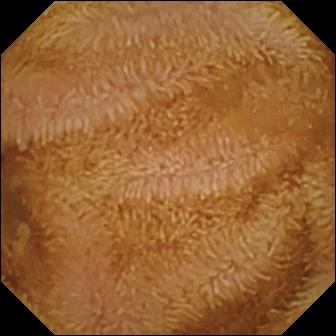Normal clean mucosa.